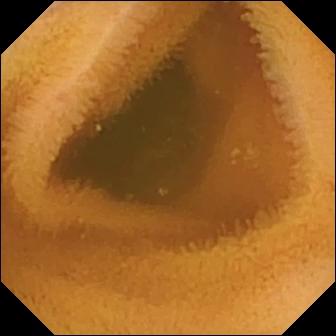Normal clean mucosa.